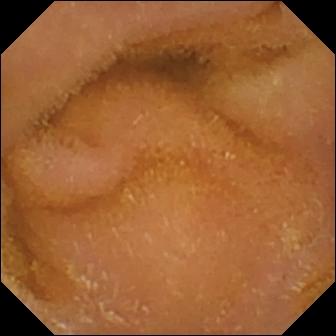Wireless capsule endoscopy snapshot showing normal clean mucosa.